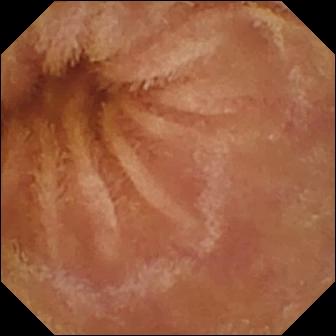Normal clean mucosa.